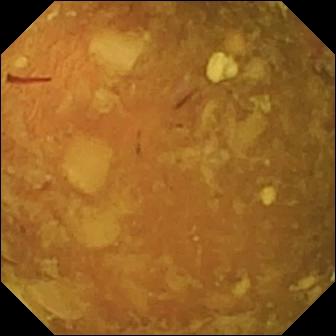WCE snapshot. Reduced mucosal view (content or bubbles obscuring the mucosa).